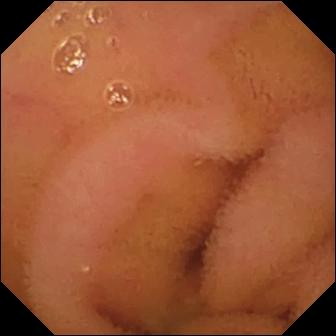Video capsule endoscopy snapshot, small intestine
Observation: normal clean mucosa